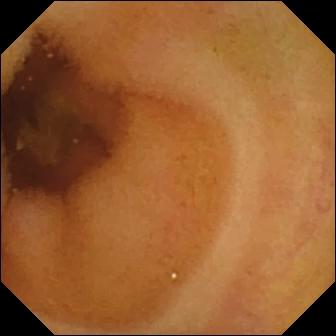modality: capsule endoscopy | label: normal clean mucosa